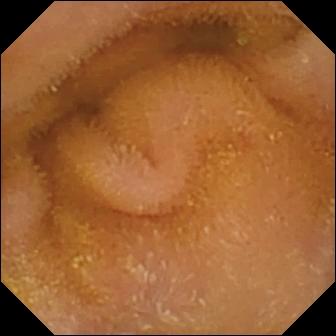{"modality": "video capsule endoscopy", "segment": "small bowel", "finding": "normal clean mucosa"}